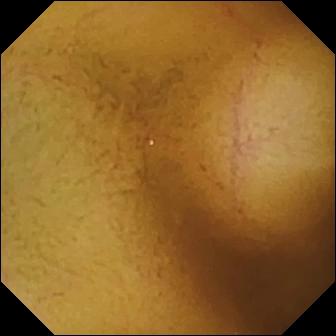This video capsule endoscopy view of the small bowel shows normal clean mucosa.